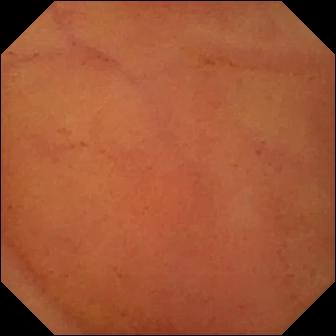modality: capsule endoscopy; segment: small intestine; finding: normal clean mucosa